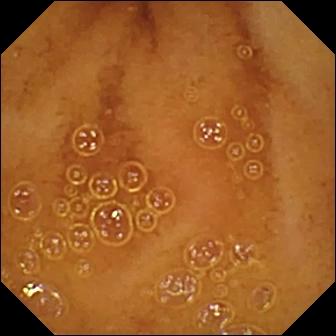WCE — normal clean mucosa.